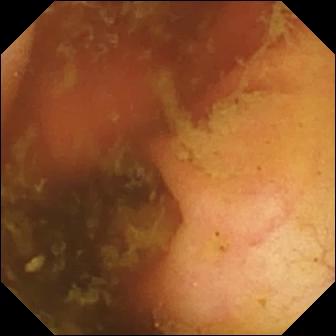{"modality": "small-bowel capsule endoscopy", "position": "ileo-cecal valve region"}